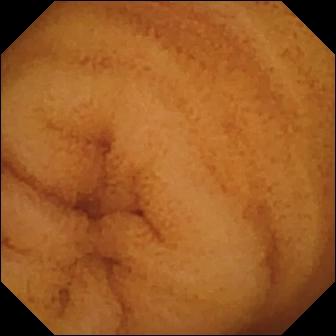Normal clean mucosa.